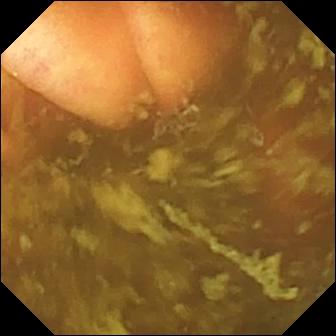Ileo-cecal valve region (where the capsule passes from the small bowel into the large bowel) — VCE frame.